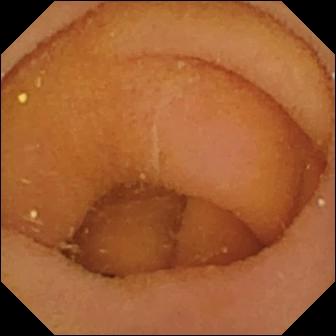WCE still
Position: pylorus region